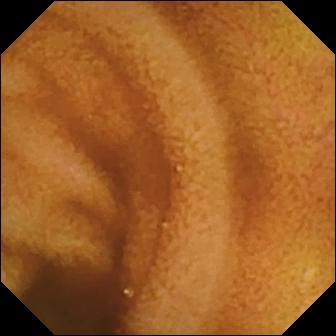modality: small-bowel capsule endoscopy
category: luminal finding
impression: normal clean mucosa